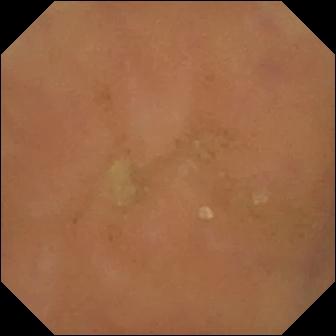WCE view, small intestine
Finding: normal clean mucosa